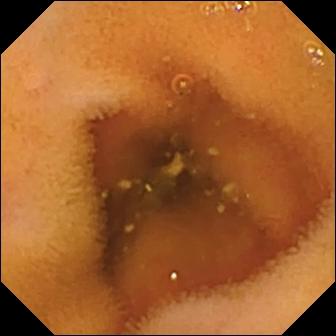Capsule endoscopy view showing normal clean mucosa.